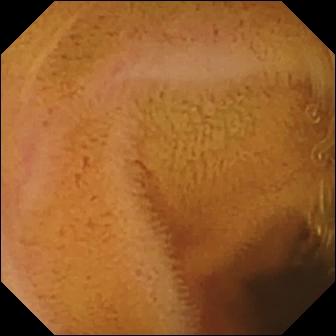This capsule endoscopy frame shows normal clean mucosa.